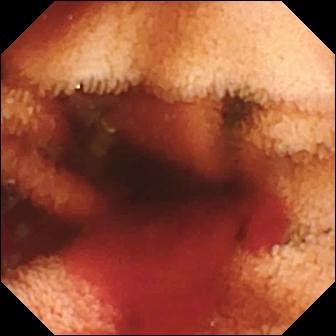Fresh blood in the lumen.